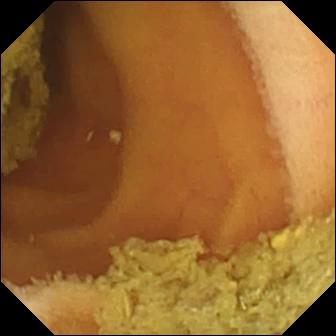Normal clean mucosa.